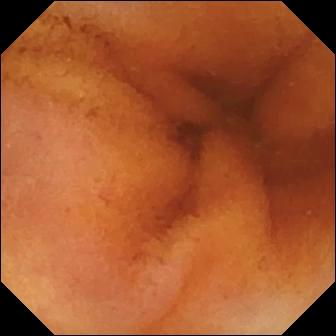Q: What does this small-bowel capsule endoscopy snapshot of the small bowel show?
A: Normal clean mucosa.